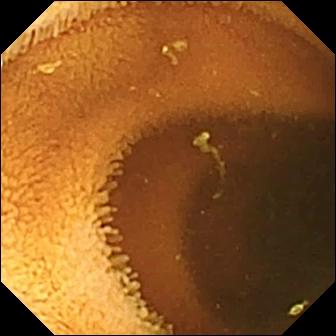WCE. Luminal finding. Label: normal clean mucosa.